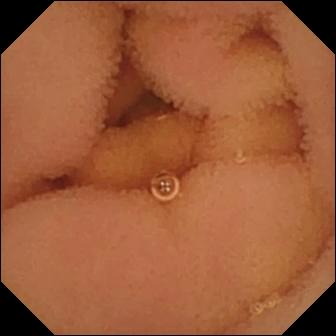Small-bowel capsule endoscopy. Small intestine. Label: normal clean mucosa.